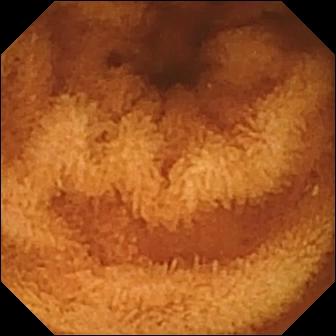modality: capsule endoscopy
segment: small bowel
impression: normal clean mucosa